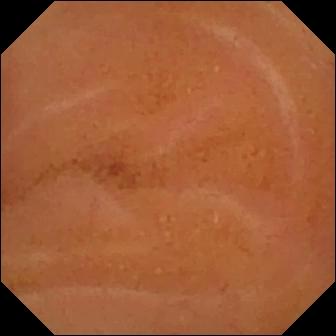Q: What does this VCE image of the small intestine show?
A: Normal clean mucosa.